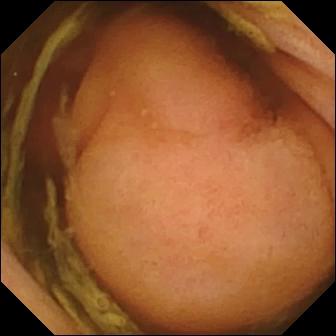{"modality": "small-bowel capsule endoscopy", "finding": "polyp"}